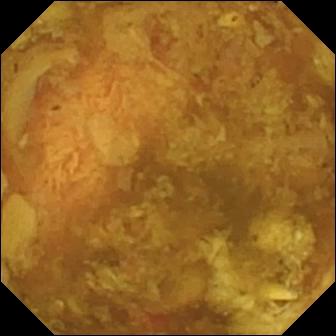Small-bowel capsule endoscopy snapshot (small bowel). Reduced mucosal view (content or bubbles obscuring the mucosa).